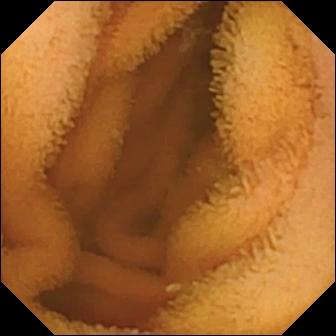Normal clean mucosa.